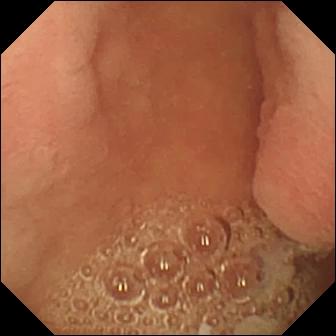Capsule endoscopy — pylorus region (the junction between the stomach and the small bowel).